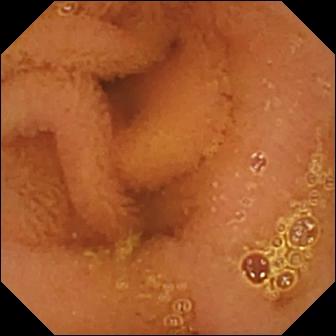Video capsule endoscopy image (small intestine). Normal clean mucosa.